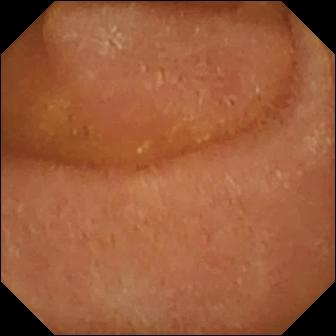- modality: VCE
- category: luminal finding
- impression: normal clean mucosa